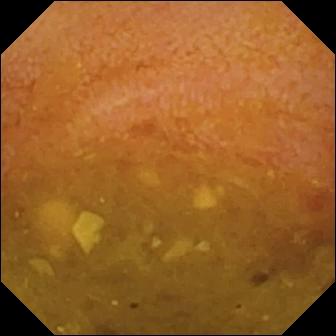Wireless capsule endoscopy snapshot, small intestine
Finding: reduced mucosal view (content or bubbles obscuring the mucosa)